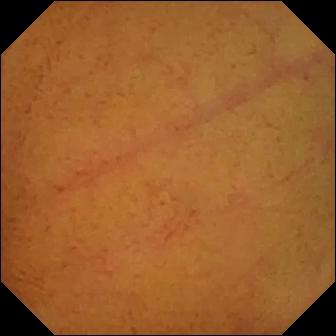WCE view. Normal clean mucosa.